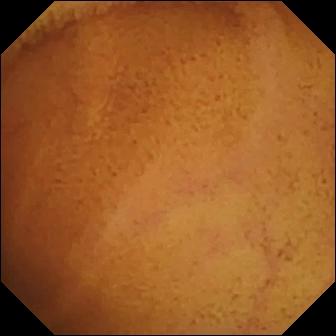PROCEDURE: Small-bowel capsule endoscopy.
SEGMENT: Small bowel.
FINDINGS: Normal clean mucosa.